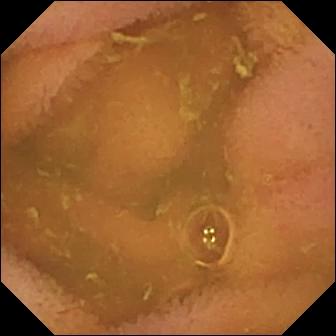Normal clean mucosa — small-bowel capsule endoscopy frame of the small intestine.